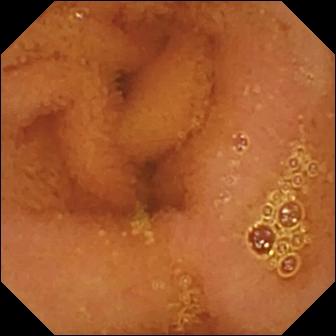Normal clean mucosa (336×336).